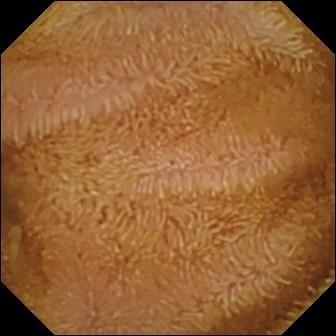VCE. Small intestine. Luminal finding. Finding: normal clean mucosa.